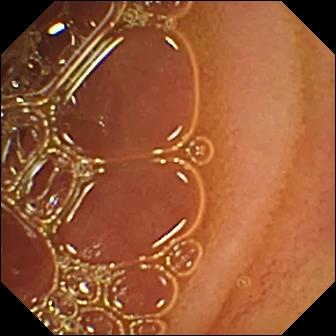Wireless capsule endoscopy view (small bowel). Normal clean mucosa.